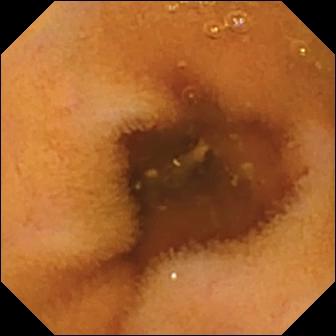This wireless capsule endoscopy frame of the small intestine shows normal clean mucosa.